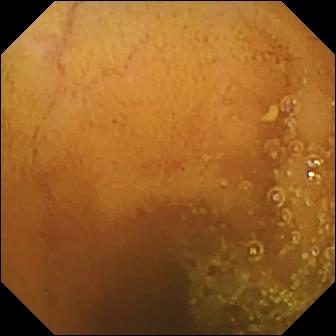Q: What does this VCE view show?
A: Normal clean mucosa.